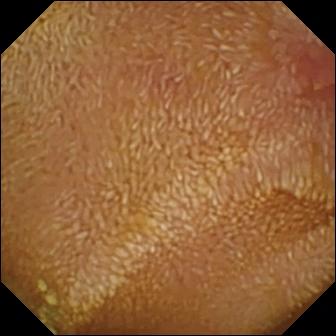PROCEDURE: Capsule endoscopy.
FINDINGS: Erosion.